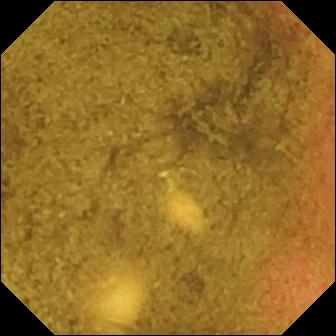Ileo-cecal valve region (where the capsule passes from the small bowel into the large bowel) — VCE view.